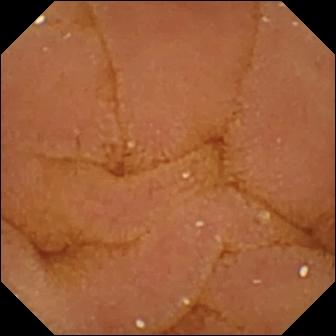Video capsule endoscopy still. Normal clean mucosa.